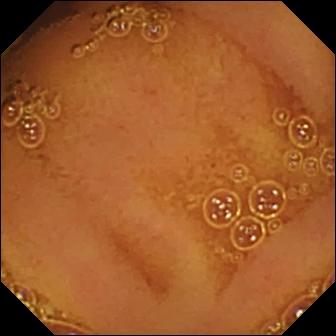Normal clean mucosa.